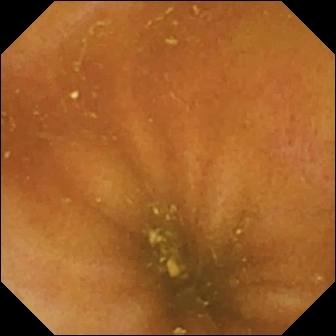PROCEDURE: VCE.
POSITION: Ileo-cecal valve region (where the capsule passes from the small bowel into the large bowel).